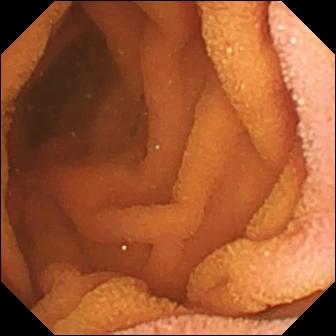WCE still
Finding: normal clean mucosa